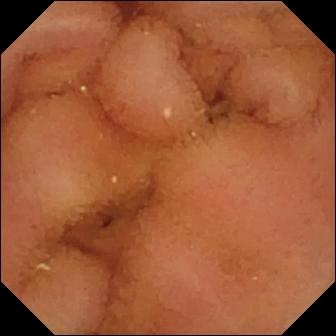Normal clean mucosa — small-bowel capsule endoscopy image.